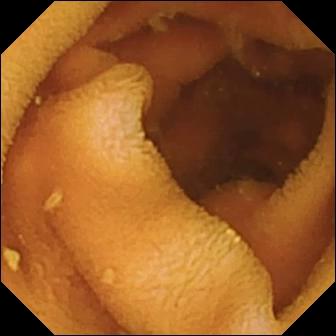Wireless capsule endoscopy still of the small bowel showing normal clean mucosa.